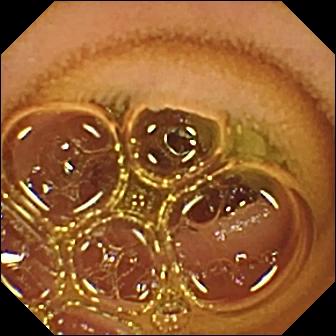Wireless capsule endoscopy image (small intestine). Normal clean mucosa.